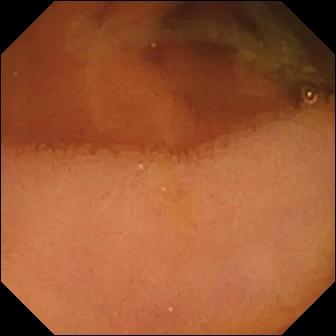Capsule endoscopy — normal clean mucosa.